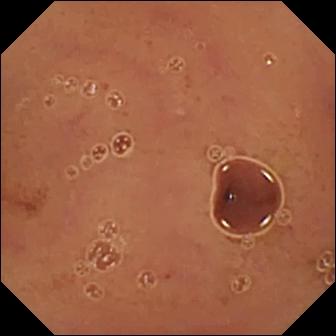Normal clean mucosa — VCE snapshot.